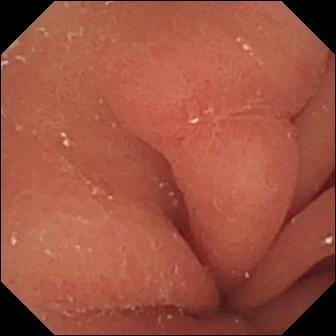Erosion — small-bowel capsule endoscopy still.